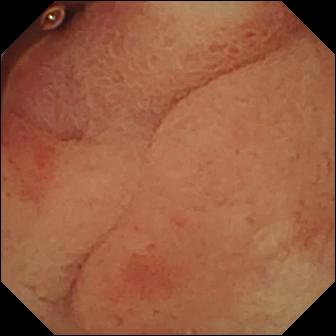Ulcer.